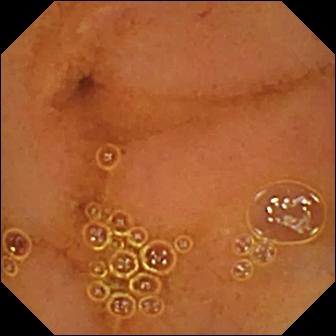Normal clean mucosa — wireless capsule endoscopy image.